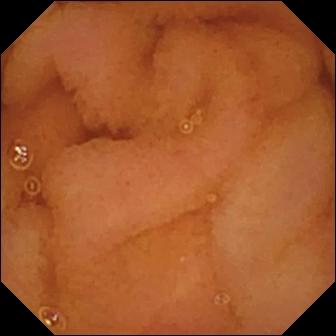{"modality": "VCE", "segment": "small bowel", "category": "luminal finding", "finding": "normal clean mucosa"}